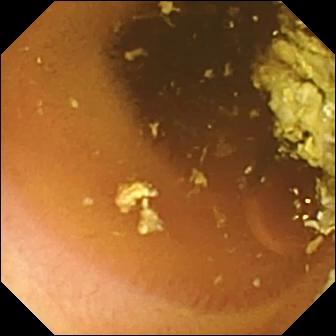Normal clean mucosa.